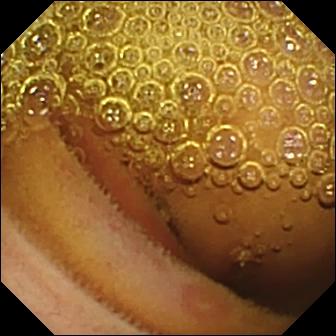Wireless capsule endoscopy view. Erosion.